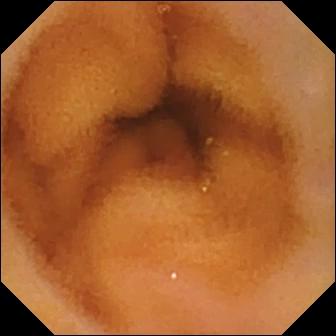modality: video capsule endoscopy; impression: normal clean mucosa